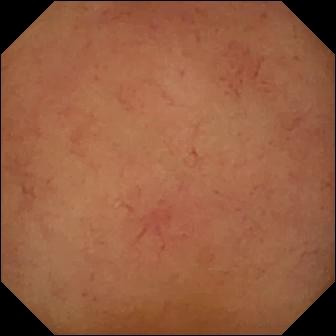{"modality": "small-bowel capsule endoscopy", "finding": "normal clean mucosa"}